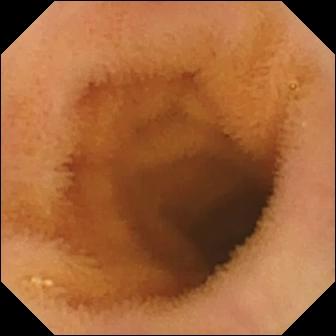WCE still (small intestine), 336×336. Normal clean mucosa.